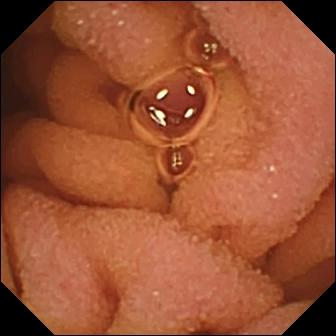Normal clean mucosa (336×336).